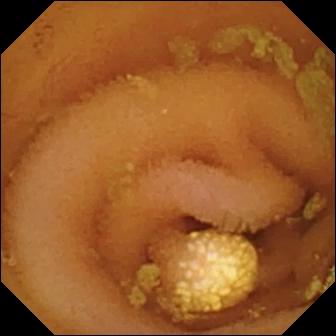This VCE image shows lymphangiectasia.